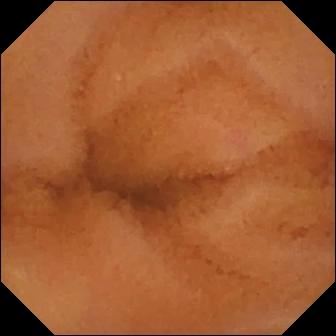PROCEDURE: Wireless capsule endoscopy.
SEGMENT: Small intestine.
FINDINGS: Normal clean mucosa.